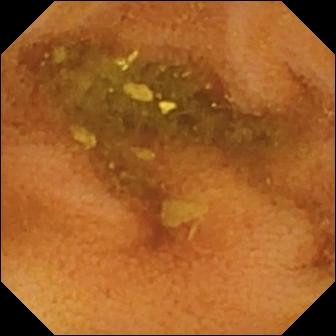- modality: wireless capsule endoscopy
- label: normal clean mucosa